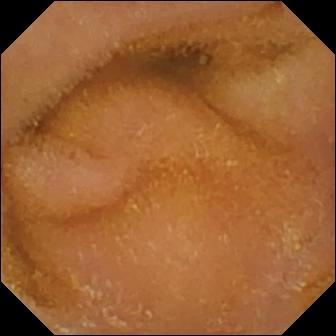Normal clean mucosa.